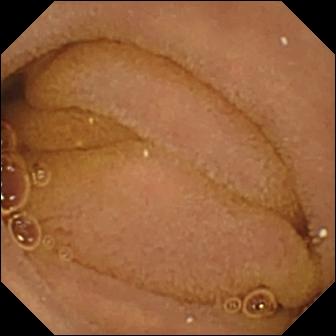This VCE image shows normal clean mucosa.